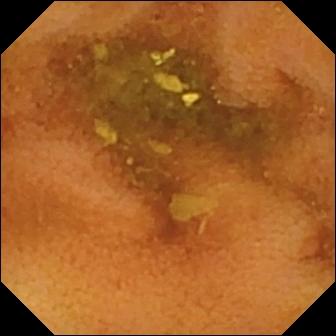PROCEDURE: Wireless capsule endoscopy.
FINDINGS: Normal clean mucosa.